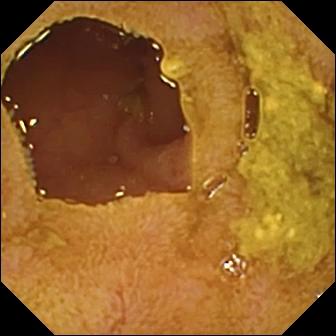- modality: VCE
- position: ileo-cecal valve region